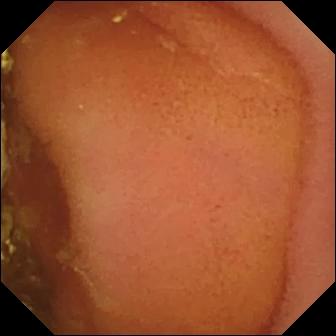Small-bowel capsule endoscopy — normal clean mucosa.